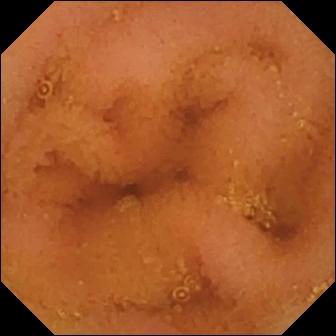Capsule endoscopy. Impression: normal clean mucosa.